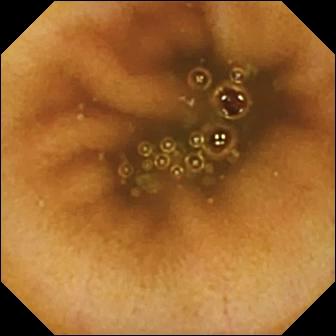modality: small-bowel capsule endoscopy | segment: small bowel | observation: normal clean mucosa